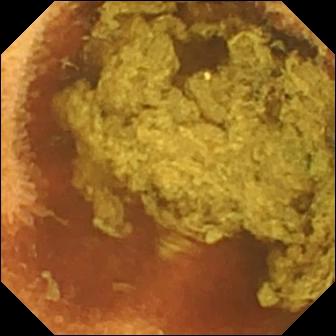PROCEDURE: Video capsule endoscopy.
SEGMENT: Small bowel.
FINDINGS: Normal clean mucosa.